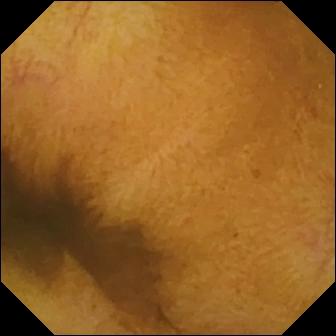{"modality": "small-bowel capsule endoscopy", "finding": "normal clean mucosa"}